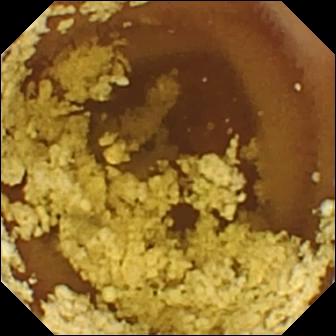modality: small-bowel capsule endoscopy | label: normal clean mucosa